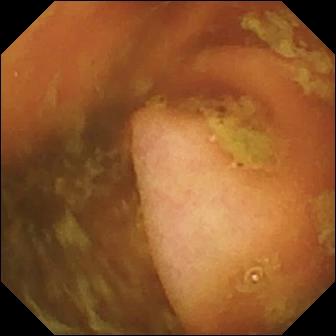Video capsule endoscopy snapshot taken in the ileo-cecal valve region.